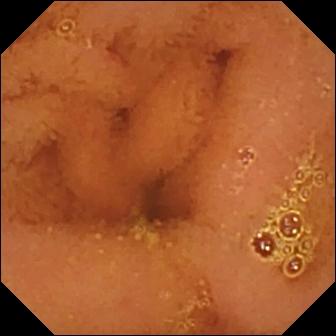Video capsule endoscopy snapshot
Label: normal clean mucosa